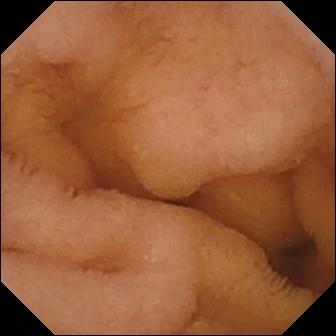- modality: WCE
- segment: small bowel
- impression: normal clean mucosa